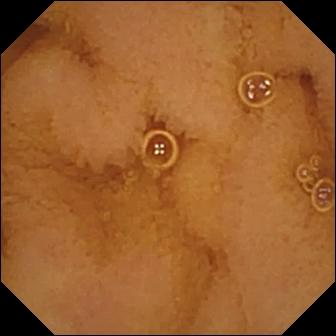Wireless capsule endoscopy image, small intestine
Label: normal clean mucosa